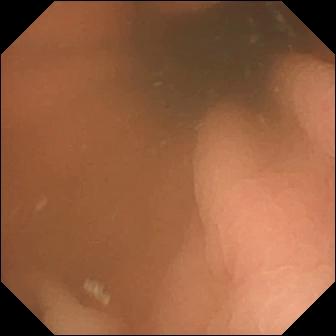Q: Where in the digestive tract was this small-bowel capsule endoscopy frame taken?
A: Pylorus region.